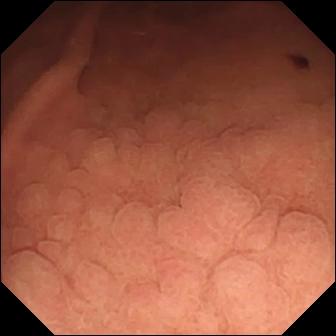Wireless capsule endoscopy snapshot showing angiectasia.